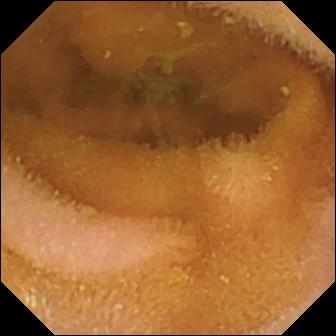VCE snapshot of the small bowel showing normal clean mucosa.